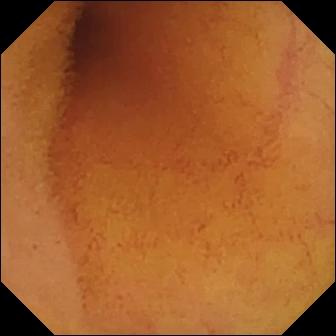- modality: wireless capsule endoscopy
- category: luminal finding
- label: normal clean mucosa